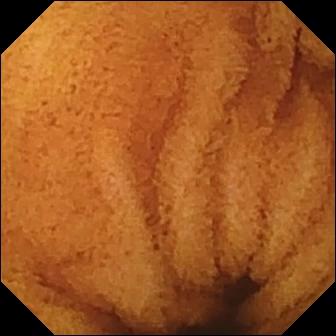Small-bowel capsule endoscopy — normal clean mucosa.